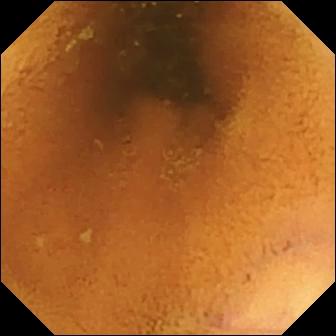{"modality": "WCE", "segment": "small intestine", "category": "luminal finding", "finding": "normal clean mucosa"}